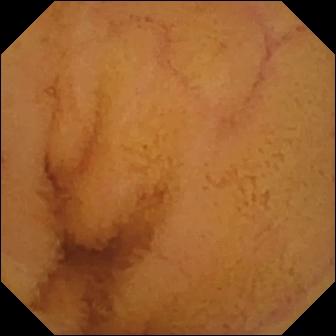This video capsule endoscopy snapshot of the small intestine shows normal clean mucosa.